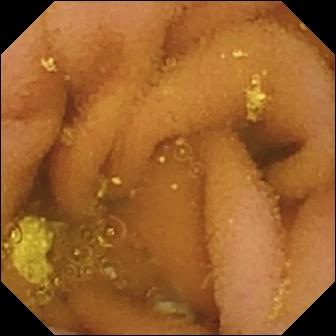Lymphangiectasia — video capsule endoscopy still.